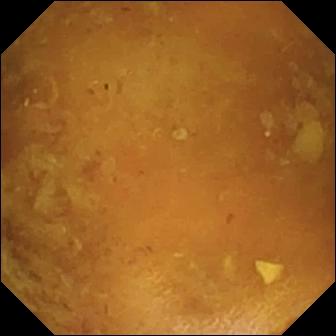Reduced mucosal view (content or bubbles obscuring the mucosa).